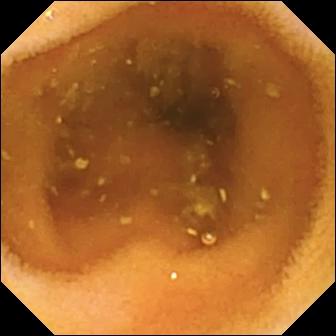Small-bowel capsule endoscopy frame, small bowel
Impression: normal clean mucosa